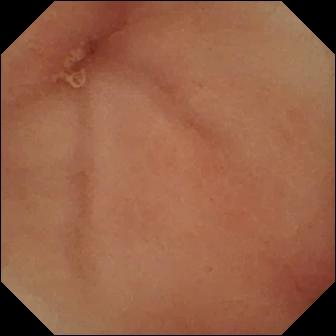Small-bowel capsule endoscopy — pylorus region (the junction between the stomach and the small bowel).